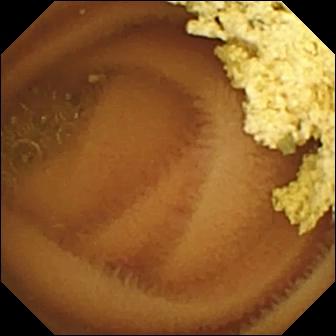- modality: VCE
- segment: small bowel
- observation: normal clean mucosa